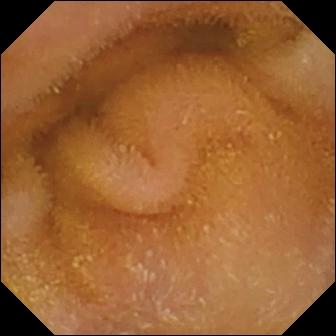PROCEDURE: Capsule endoscopy.
FINDINGS: Normal clean mucosa.